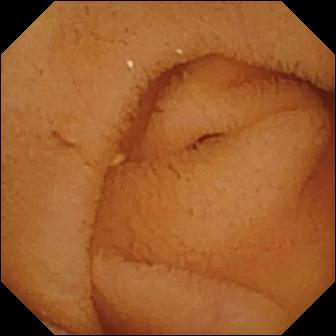- modality: WCE
- label: normal clean mucosa